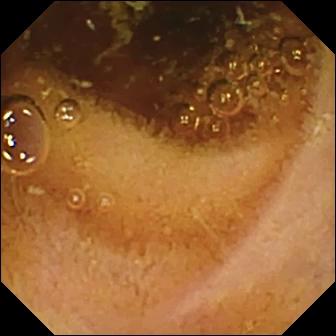PROCEDURE: VCE.
SEGMENT: Small intestine.
FINDINGS: Normal clean mucosa.